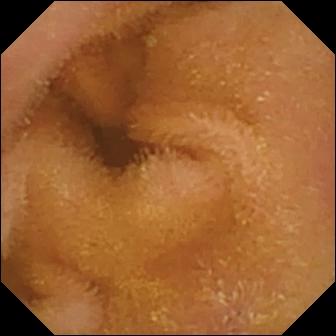Normal clean mucosa — video capsule endoscopy still of the small intestine.